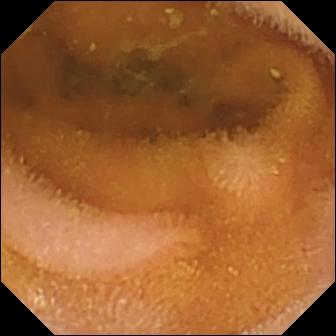Video capsule endoscopy snapshot. Normal clean mucosa.